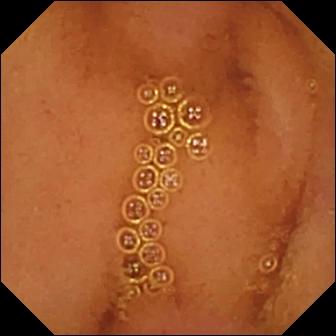{"modality": "wireless capsule endoscopy", "finding": "normal clean mucosa"}